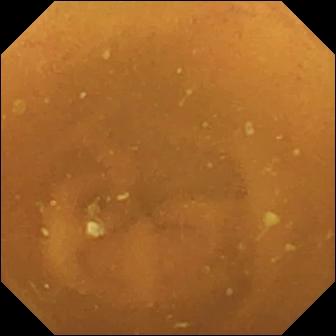Small-bowel capsule endoscopy frame. Normal clean mucosa.